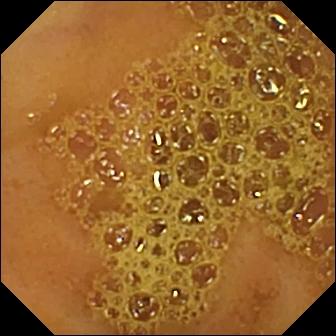Ileo-cecal valve region (where the capsule passes from the small bowel into the large bowel) — WCE image.